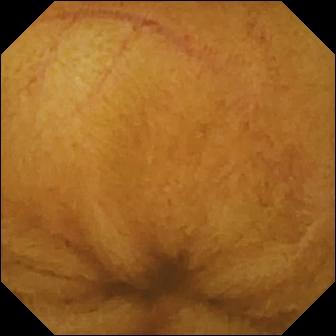Normal clean mucosa (336×336).